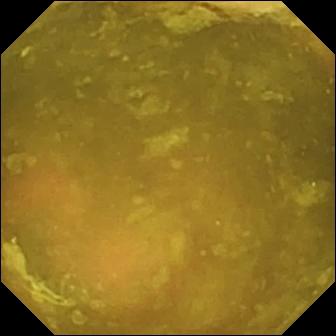This VCE snapshot was taken in the ileo-cecal valve region.